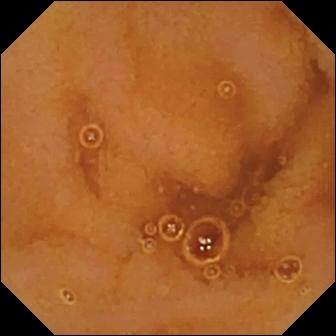- modality: small-bowel capsule endoscopy
- category: luminal finding
- impression: normal clean mucosa